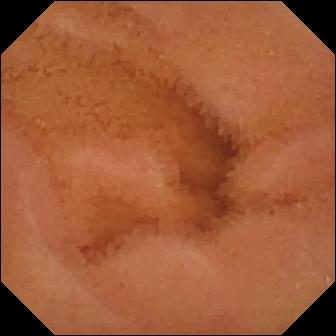{"modality": "capsule endoscopy", "category": "luminal finding", "finding": "normal clean mucosa"}